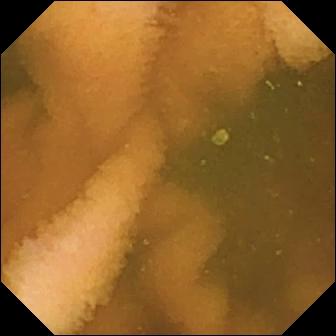Normal clean mucosa (336×336).